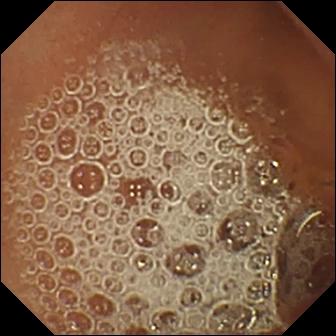{"modality": "WCE", "finding": "normal clean mucosa"}